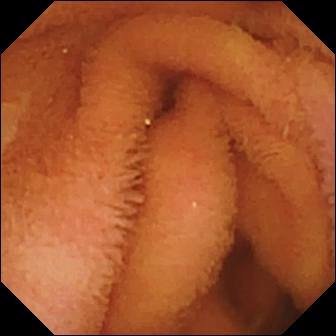Small-bowel capsule endoscopy — normal clean mucosa.